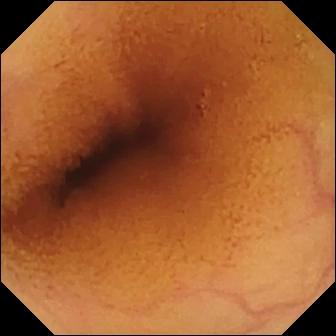Small-bowel capsule endoscopy view. Normal clean mucosa.